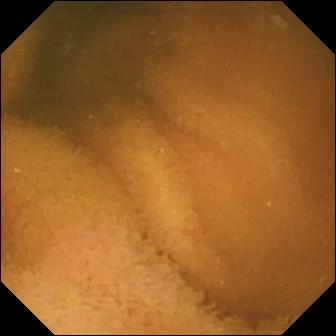{"modality": "video capsule endoscopy", "finding": "normal clean mucosa"}